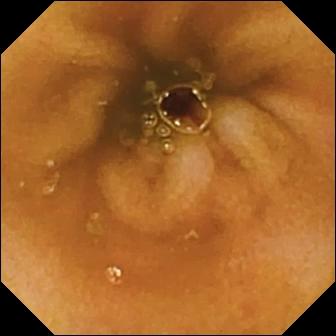{"modality": "VCE", "segment": "small intestine", "finding": "normal clean mucosa"}